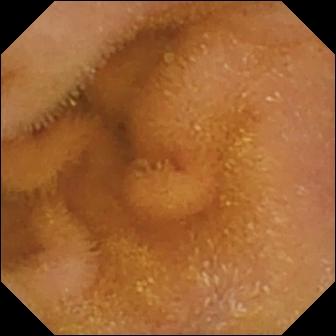This capsule endoscopy view of the small intestine shows normal clean mucosa.